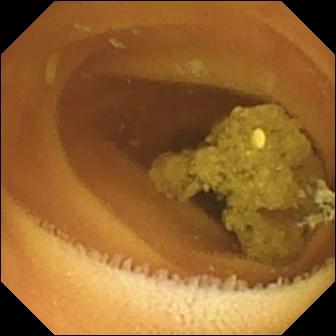{"modality": "WCE", "segment": "small intestine", "finding": "normal clean mucosa"}